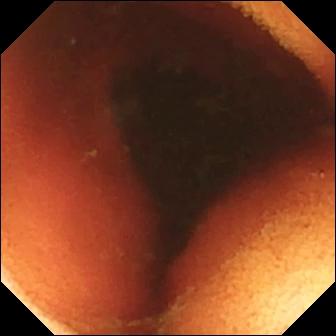VCE snapshot taken in the ileo-cecal valve region.